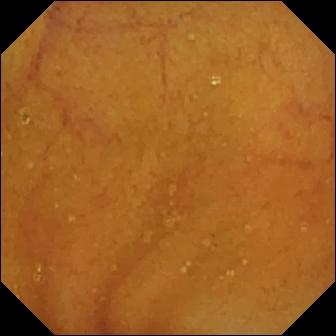Video capsule endoscopy image showing normal clean mucosa.